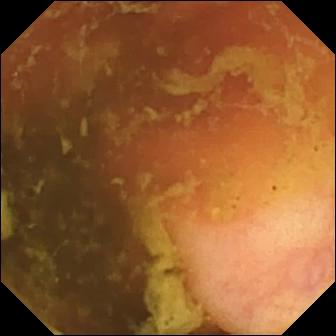{"modality": "WCE", "position": "ileo-cecal valve region (where the capsule passes from the small bowel into the large bowel)"}